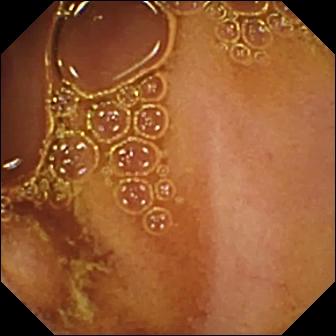VCE snapshot. Normal clean mucosa.